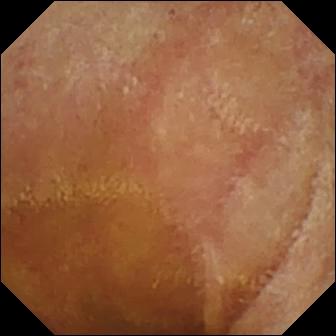Normal clean mucosa.